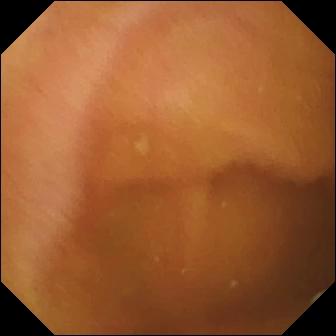PROCEDURE: WCE.
FINDINGS: Normal clean mucosa.